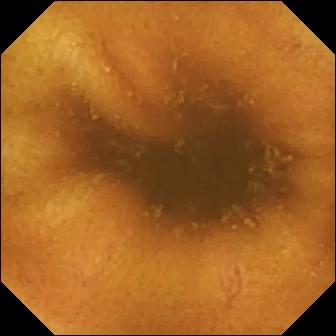Q: What does this capsule endoscopy still of the small bowel show?
A: Normal clean mucosa.